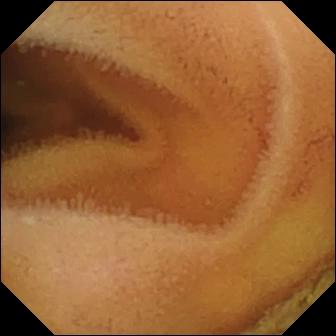Normal clean mucosa (336×336).